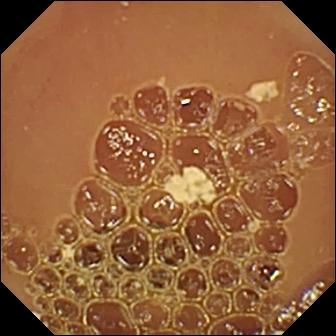This VCE view of the small bowel shows normal clean mucosa.